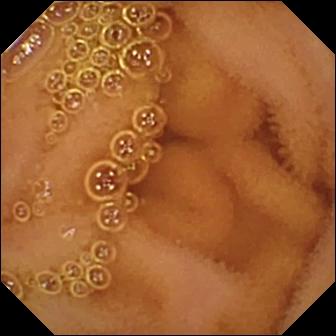WCE frame
Impression: normal clean mucosa